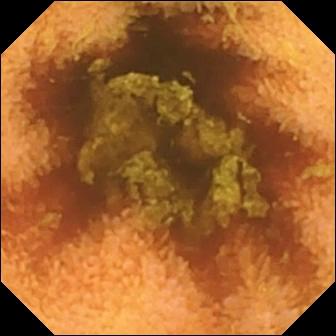modality: VCE; segment: small bowel; observation: normal clean mucosa